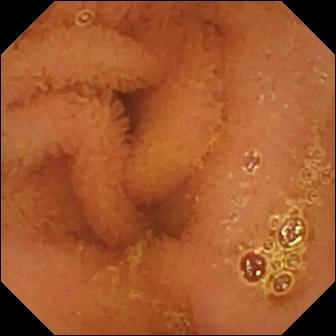{"modality": "small-bowel capsule endoscopy", "segment": "small intestine", "category": "luminal finding", "finding": "normal clean mucosa"}